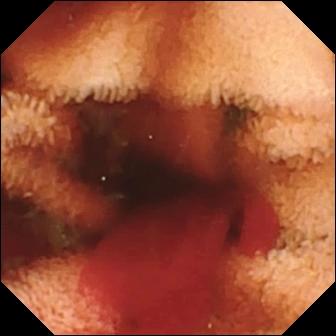PROCEDURE: Capsule endoscopy.
FINDINGS: Fresh blood in the lumen.